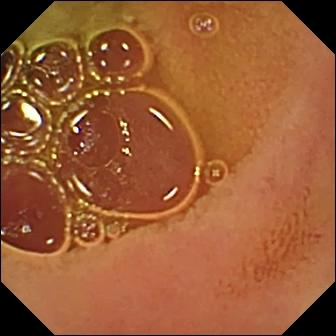This wireless capsule endoscopy still shows normal clean mucosa.